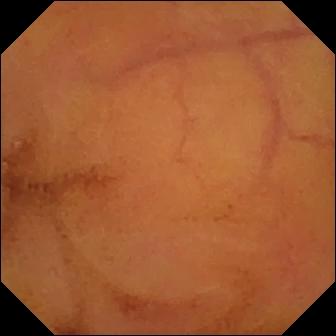Video capsule endoscopy — normal clean mucosa.